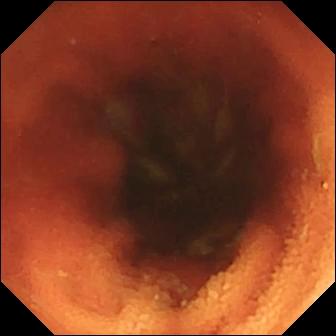Ileo-cecal valve region — WCE view.